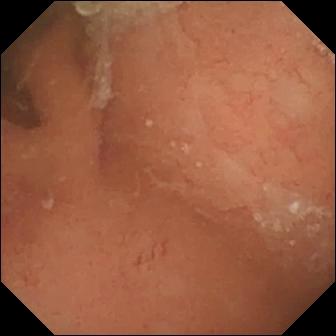WCE image. Normal clean mucosa.